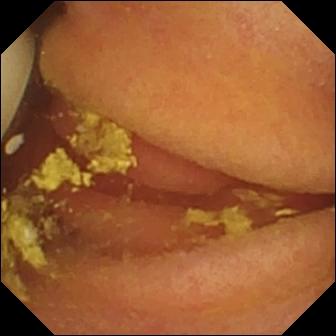Foreign body (e.g. retained capsule, tablet residue).